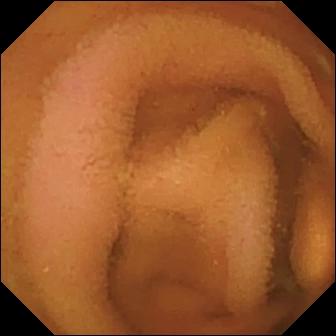VCE frame
Label: normal clean mucosa